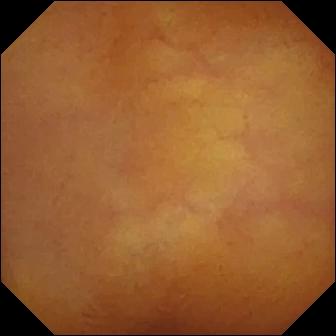This WCE view shows normal clean mucosa.